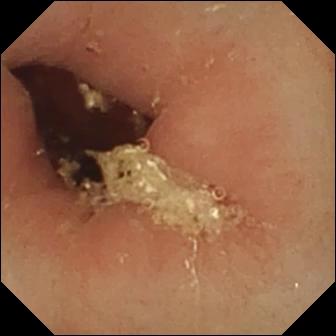PROCEDURE: WCE.
LABEL: Pylorus region (the junction between the stomach and the small bowel).